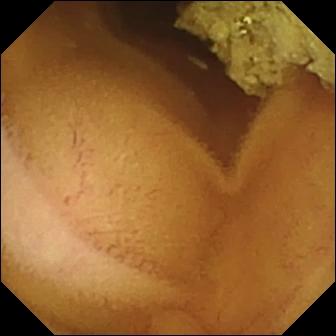Normal clean mucosa.